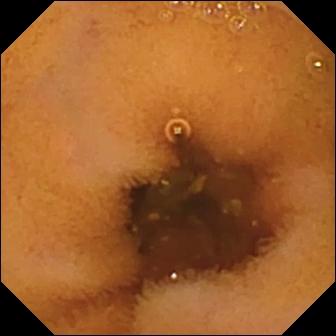Normal clean mucosa.